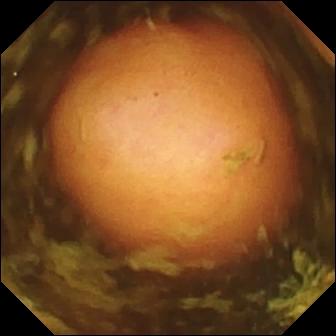modality: video capsule endoscopy
category: luminal finding
finding: polyp